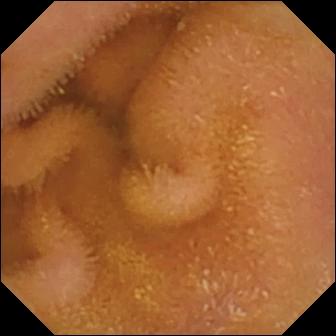Q: What does this VCE frame show?
A: Normal clean mucosa.